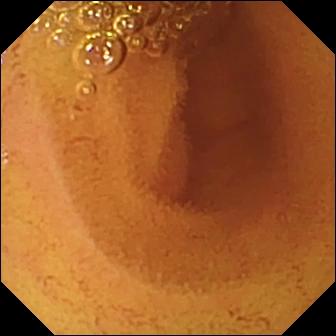Small-bowel capsule endoscopy — normal clean mucosa.